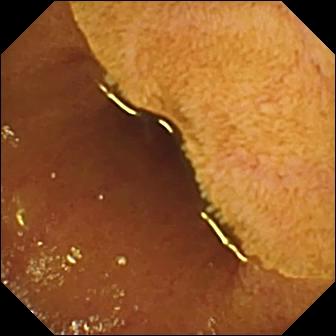Small-bowel capsule endoscopy still. Taken in the ileo-cecal valve region (the transition from the small bowel to the large bowel).